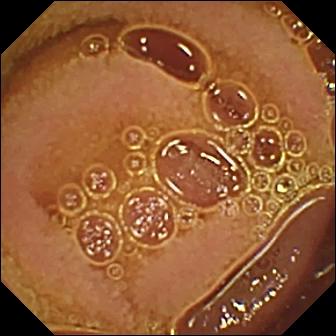Normal clean mucosa — wireless capsule endoscopy still of the small bowel.